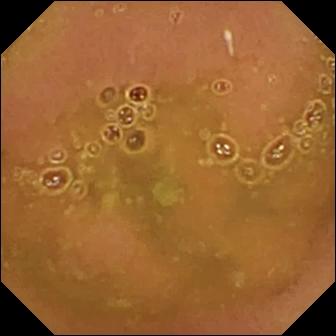Video capsule endoscopy — normal clean mucosa.